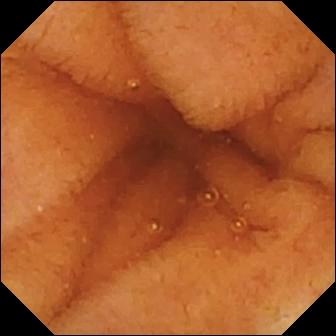PROCEDURE: Video capsule endoscopy.
FINDINGS: Normal clean mucosa.